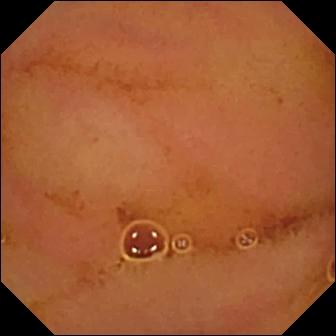WCE — normal clean mucosa.